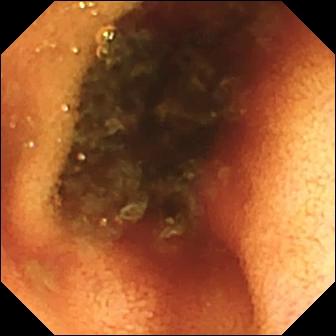Capsule endoscopy. Near an anatomical landmark. Position: ileo-cecal valve region.